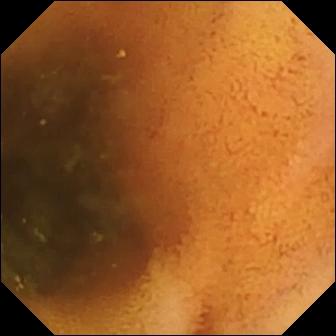Video capsule endoscopy. Observation: normal clean mucosa.